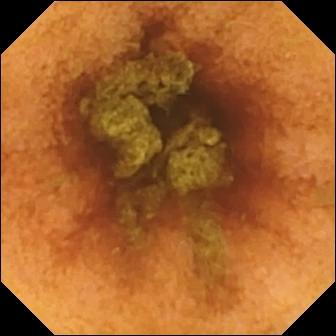Normal clean mucosa (336×336).